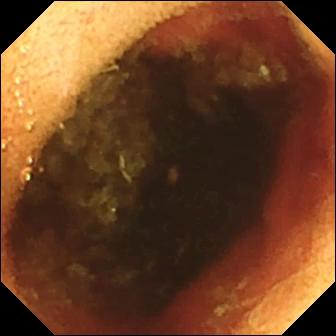modality: small-bowel capsule endoscopy; video segment: ileo-cecal valve region